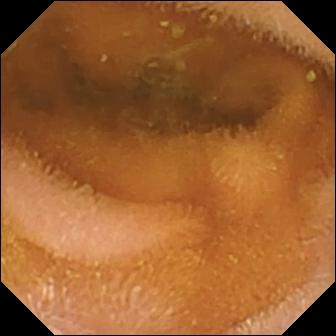WCE — normal clean mucosa.